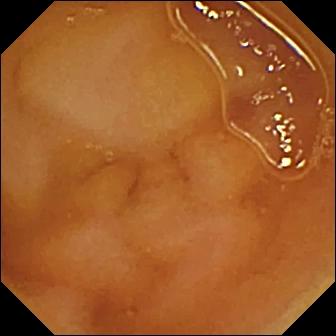modality: small-bowel capsule endoscopy; finding: normal clean mucosa